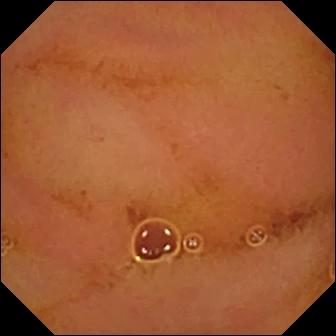Small-bowel capsule endoscopy — normal clean mucosa.